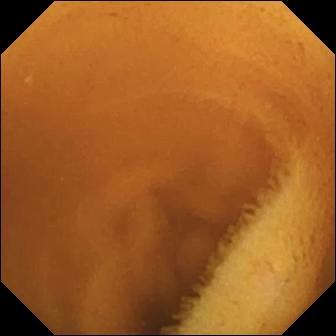VCE — normal clean mucosa.